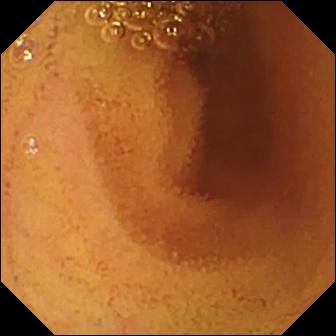- modality: wireless capsule endoscopy
- label: normal clean mucosa